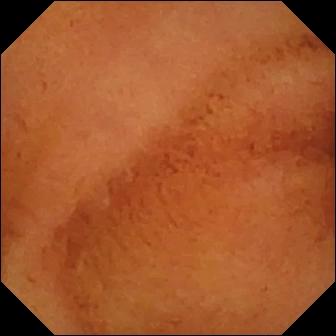Wireless capsule endoscopy. Luminal finding. Observation: normal clean mucosa.